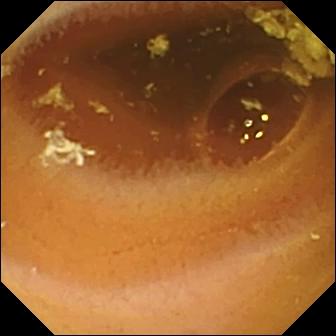Normal clean mucosa — small-bowel capsule endoscopy snapshot of the small intestine.